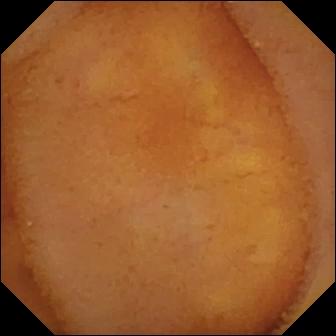modality: wireless capsule endoscopy | segment: small intestine | category: luminal finding | label: normal clean mucosa